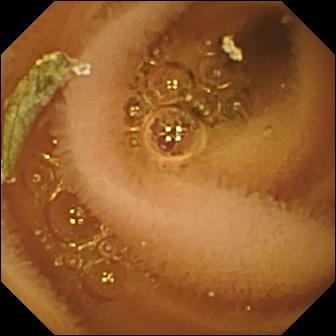Normal clean mucosa.